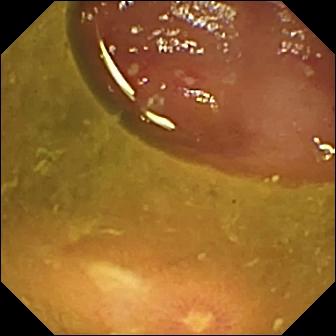This VCE view shows ulcer.